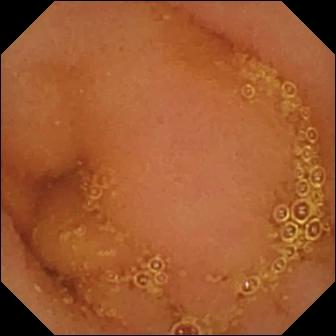Small-bowel capsule endoscopy — normal clean mucosa.